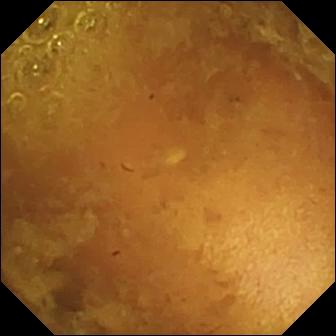Reduced mucosal view (content or bubbles obscuring the mucosa) — video capsule endoscopy still.